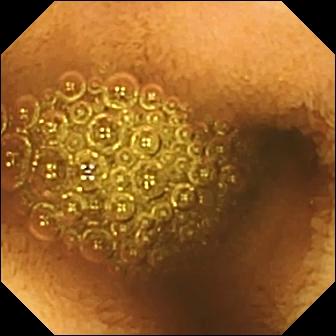modality: wireless capsule endoscopy | segment: small intestine | category: luminal finding | finding: reduced mucosal view (content or bubbles obscuring the mucosa)